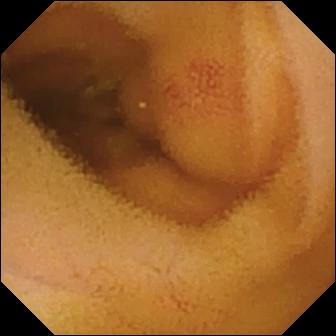Angiectasia.